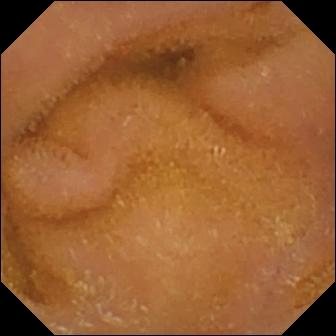Normal clean mucosa.